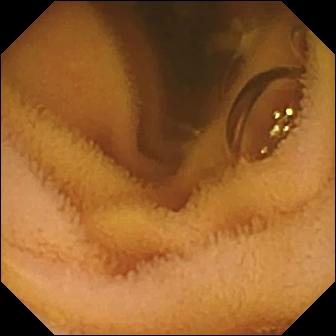This WCE frame shows normal clean mucosa.